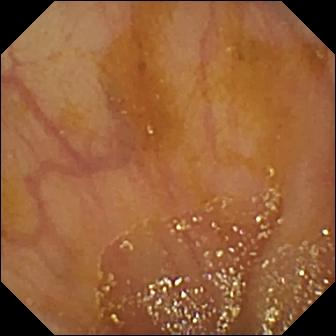Video capsule endoscopy. Video segment: ileo-cecal valve region.